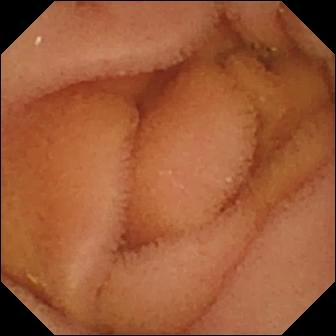WCE view of the small bowel showing normal clean mucosa.